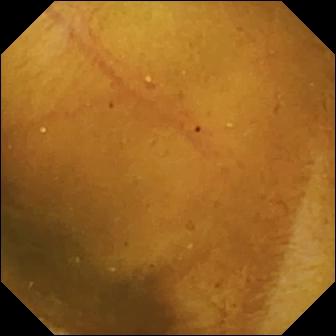PROCEDURE: WCE.
SEGMENT: Small bowel.
FINDINGS: Normal clean mucosa.